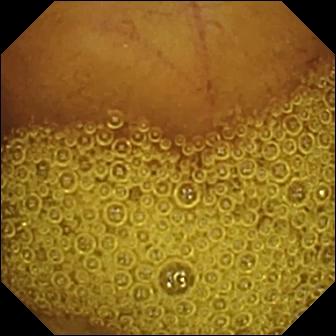VCE — normal clean mucosa.